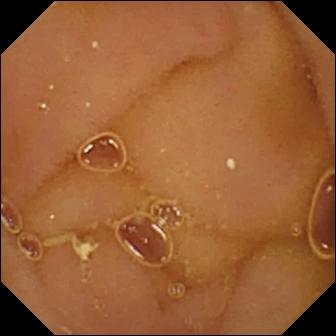PROCEDURE: Video capsule endoscopy.
FINDINGS: Normal clean mucosa.